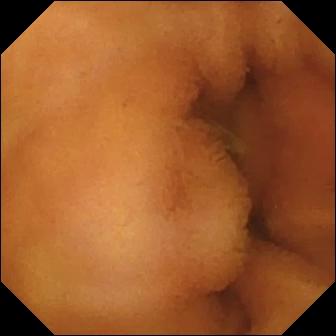- modality: WCE
- finding: normal clean mucosa